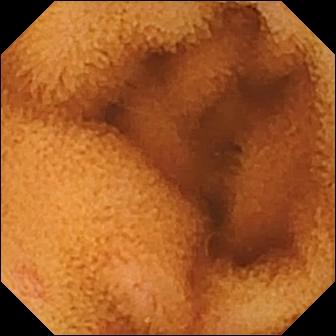- modality: WCE
- impression: normal clean mucosa